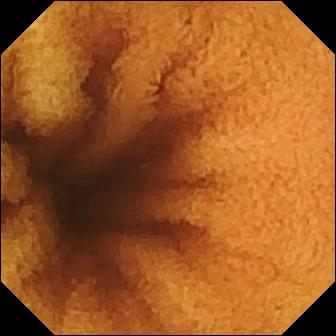Q: What does this WCE frame show?
A: Normal clean mucosa.